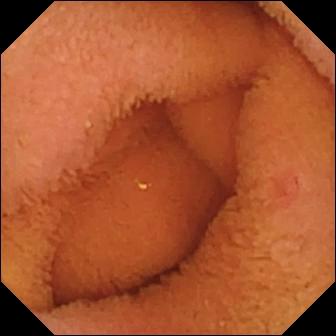This VCE image of the small bowel shows normal clean mucosa.